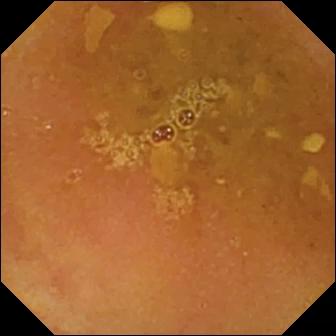This VCE frame of the small intestine shows reduced mucosal view (content or bubbles obscuring the mucosa).